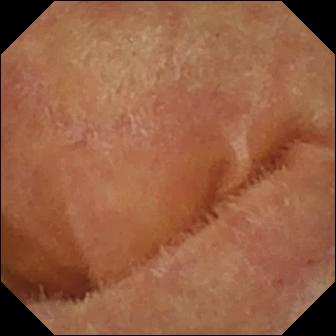VCE. Luminal finding. Label: normal clean mucosa.